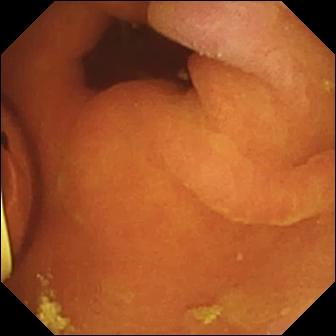VCE view showing foreign body (e.g. retained capsule, tablet residue).